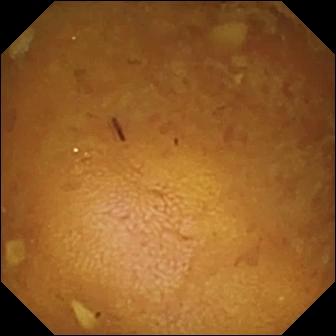Capsule endoscopy snapshot
Impression: reduced mucosal view (content or bubbles obscuring the mucosa)